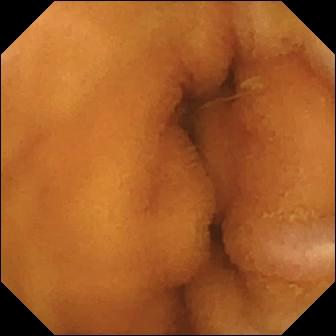WCE frame (small bowel). Normal clean mucosa.